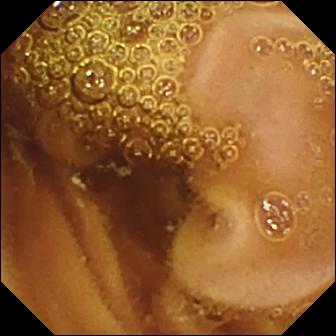Q: What does this video capsule endoscopy frame show?
A: Normal clean mucosa.